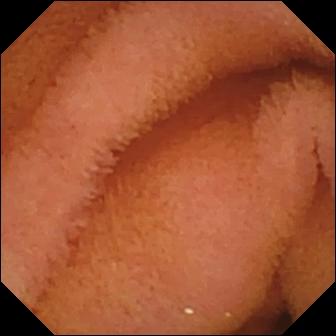{"modality": "video capsule endoscopy", "finding": "normal clean mucosa"}